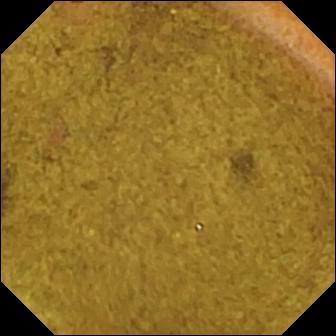Capsule endoscopy still
Video segment: ileo-cecal valve region (where the capsule passes from the small bowel into the large bowel)